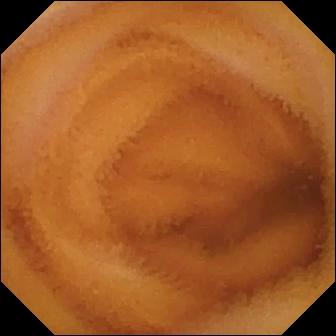Normal clean mucosa — VCE still of the small intestine.